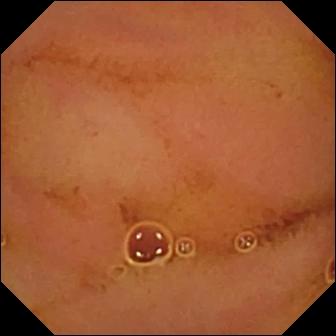Normal clean mucosa — VCE frame of the small bowel.